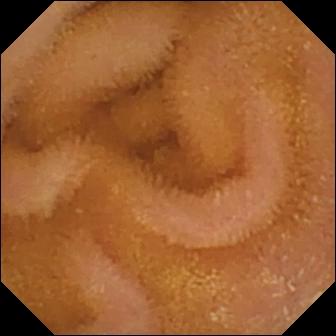modality: capsule endoscopy
category: luminal finding
observation: normal clean mucosa